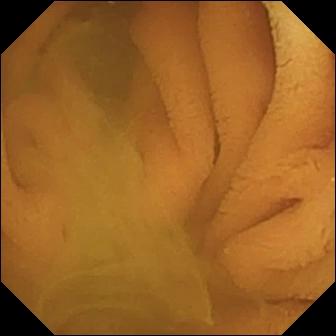Q: What does this VCE snapshot of the small bowel show?
A: Normal clean mucosa.